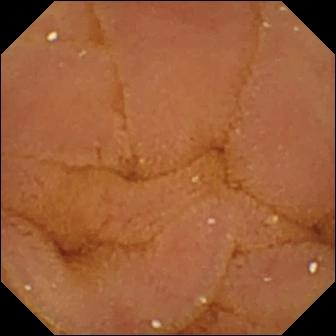Normal clean mucosa (336×336).